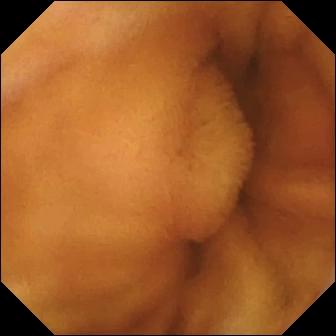- modality: wireless capsule endoscopy
- segment: small bowel
- observation: normal clean mucosa